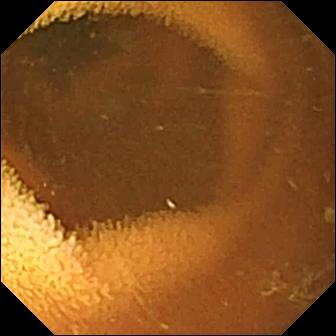Wireless capsule endoscopy frame of the small intestine showing normal clean mucosa.